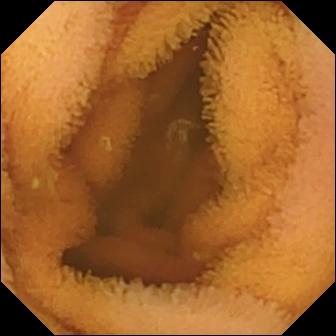modality: VCE; impression: normal clean mucosa